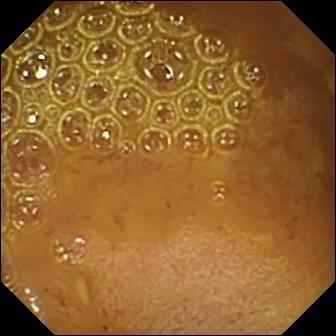Small-bowel capsule endoscopy view, small intestine
Observation: reduced mucosal view (content or bubbles obscuring the mucosa)